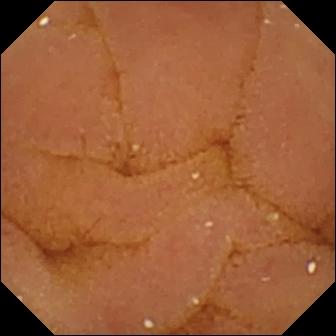Wireless capsule endoscopy. Luminal finding. Observation: normal clean mucosa.